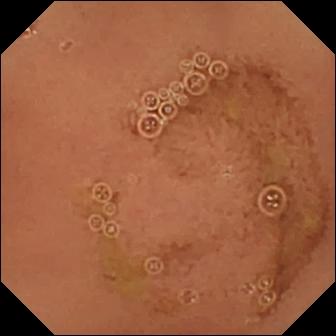Normal clean mucosa.